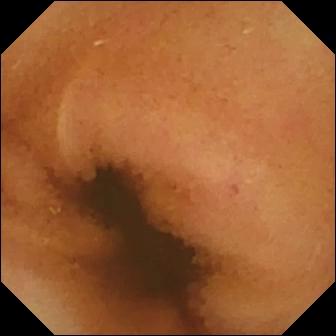PROCEDURE: Video capsule endoscopy.
SEGMENT: Small bowel.
FINDINGS: Normal clean mucosa.